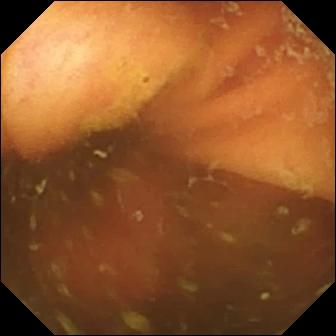Q: Where in the digestive tract was this VCE view taken?
A: Ileo-cecal valve region (where the capsule passes from the small bowel into the large bowel).